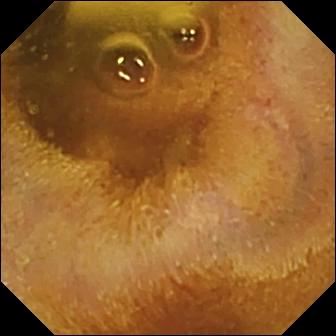PROCEDURE: VCE.
FINDINGS: Foreign body (e.g. retained capsule, tablet residue).